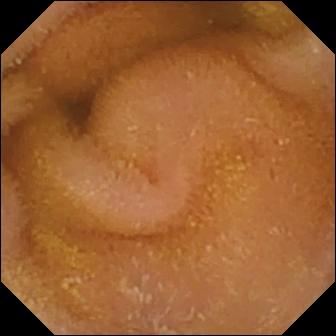Q: What does this capsule endoscopy frame show?
A: Normal clean mucosa.